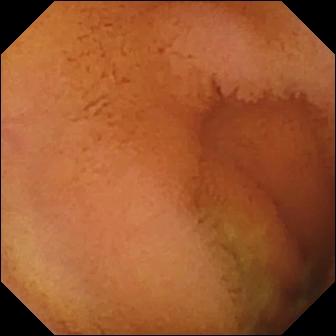modality: capsule endoscopy
segment: small intestine
impression: normal clean mucosa